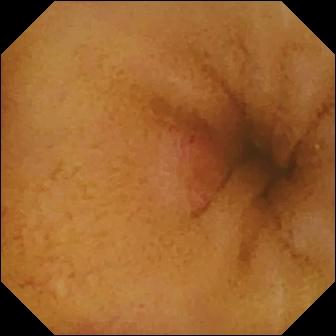{"modality": "WCE", "category": "luminal finding", "finding": "erosion"}